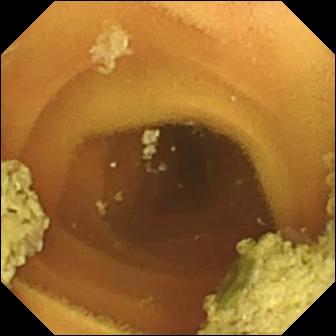This video capsule endoscopy frame shows normal clean mucosa.